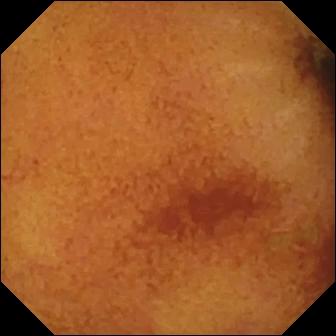- modality: WCE
- segment: small bowel
- observation: normal clean mucosa